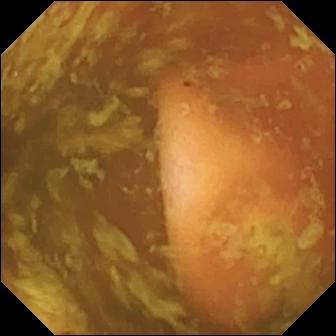VCE still taken in the ileo-cecal valve region (the transition from the small bowel to the large bowel).